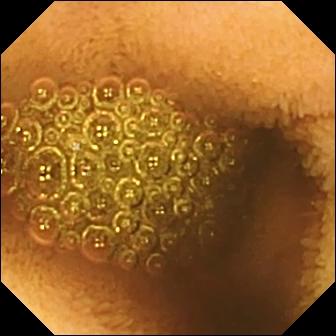Reduced mucosal view (content or bubbles obscuring the mucosa).